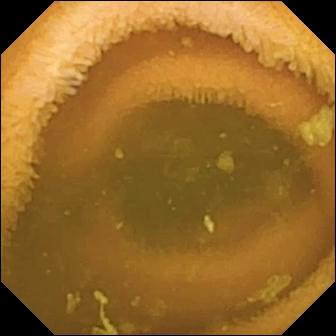Capsule endoscopy still
Observation: normal clean mucosa